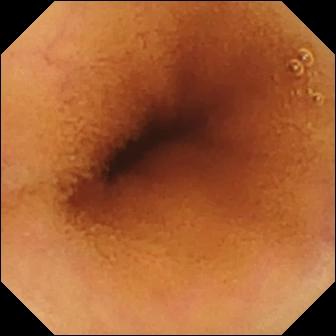{"modality": "WCE", "segment": "small intestine", "category": "luminal finding", "finding": "normal clean mucosa"}